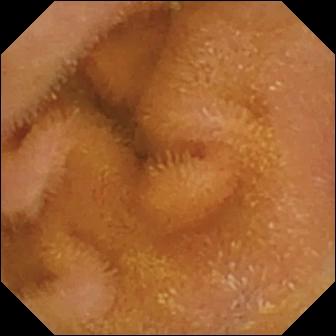Capsule endoscopy — normal clean mucosa.